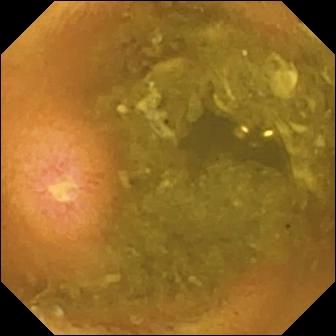This capsule endoscopy still shows ulcer.